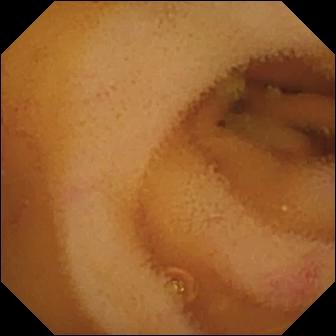Wireless capsule endoscopy — angiectasia.